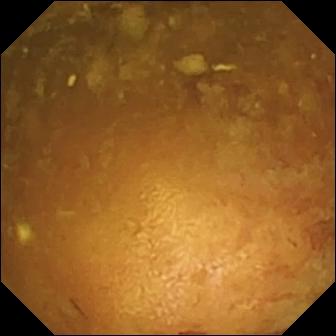Reduced mucosal view (content or bubbles obscuring the mucosa) (336×336).